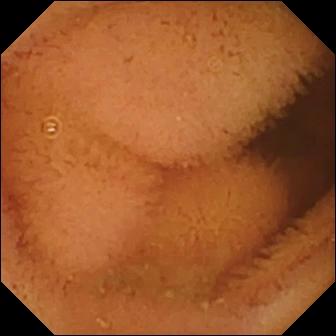modality: wireless capsule endoscopy; segment: small bowel; label: normal clean mucosa